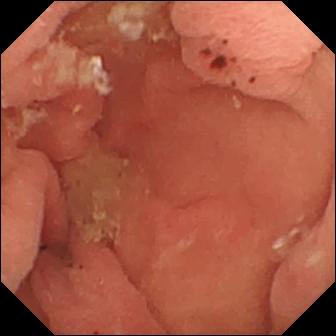PROCEDURE: WCE.
FINDINGS: Hematin (altered blood) on the mucosal surface.